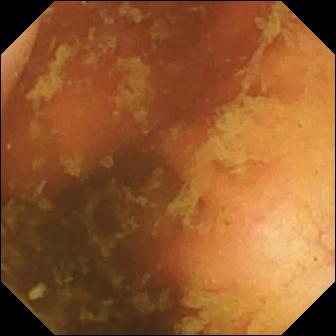VCE. Location: ileo-cecal valve region (where the capsule passes from the small bowel into the large bowel).